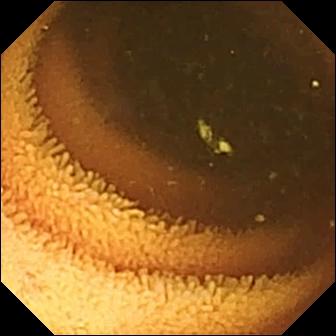Wireless capsule endoscopy snapshot of the small intestine showing normal clean mucosa.